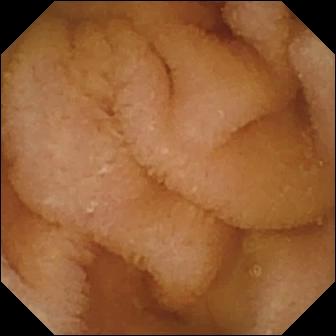WCE view. Normal clean mucosa.